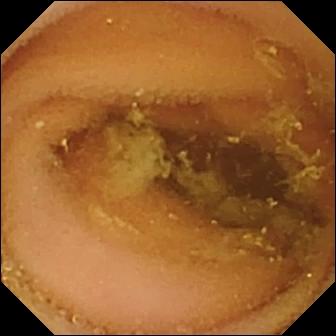Normal clean mucosa — small-bowel capsule endoscopy snapshot of the small bowel.